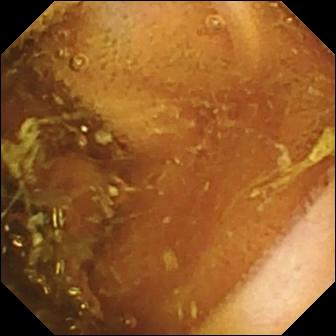This small-bowel capsule endoscopy snapshot of the small intestine shows normal clean mucosa.